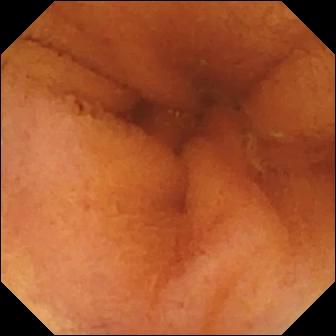modality: VCE | segment: small bowel | observation: normal clean mucosa